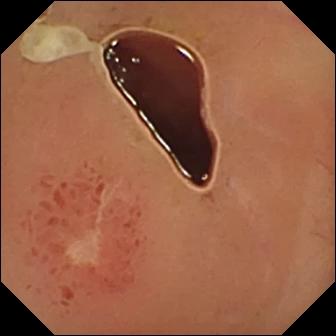WCE — ulcer.